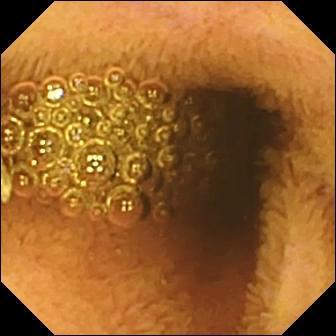Reduced mucosal view (content or bubbles obscuring the mucosa) — wireless capsule endoscopy still.